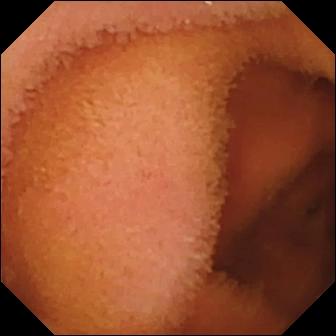Normal clean mucosa — capsule endoscopy frame of the small bowel.